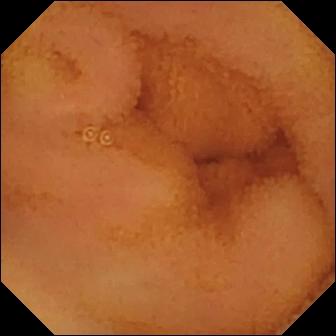This WCE snapshot of the small intestine shows normal clean mucosa.